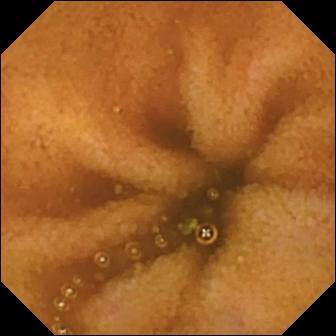Wireless capsule endoscopy view, small intestine
Observation: normal clean mucosa